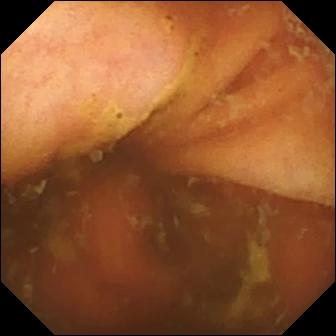WCE — ileo-cecal valve region.